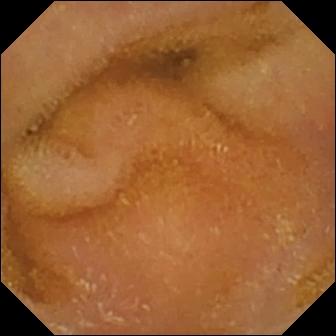{"modality": "VCE", "category": "luminal finding", "finding": "normal clean mucosa"}